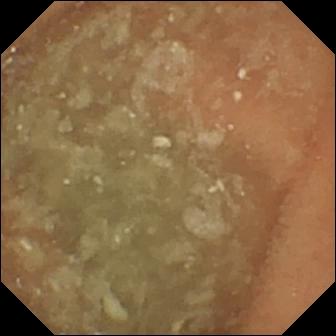Normal clean mucosa.